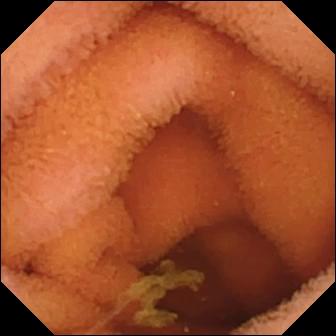- modality: VCE
- segment: small bowel
- label: normal clean mucosa